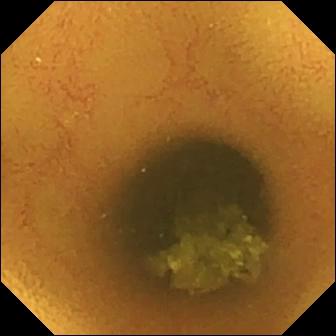This VCE view of the small intestine shows normal clean mucosa.